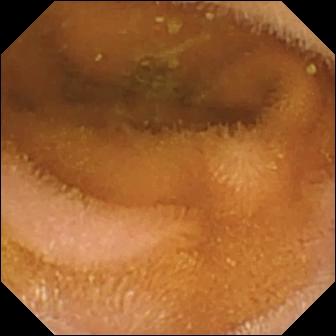Normal clean mucosa — wireless capsule endoscopy frame of the small intestine.